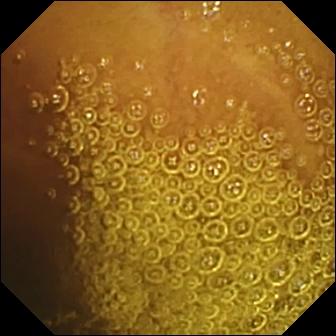Small-bowel capsule endoscopy. Finding: normal clean mucosa.